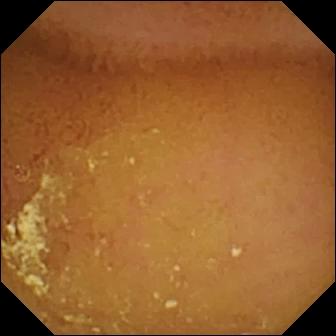This WCE view shows normal clean mucosa.